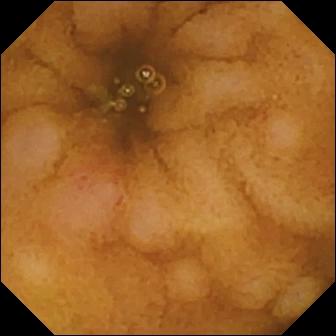WCE. Finding: erosion.